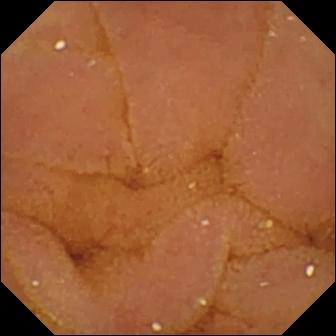Normal clean mucosa — VCE image.